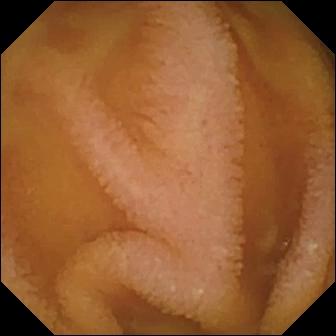{"modality": "VCE", "category": "luminal finding", "finding": "normal clean mucosa"}